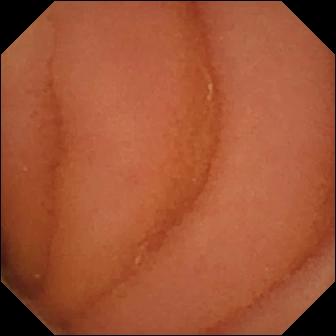Normal clean mucosa (336×336).